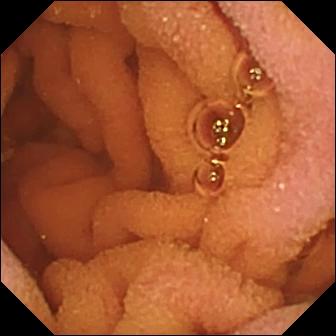Small-bowel capsule endoscopy snapshot (small bowel), 336×336. Normal clean mucosa.